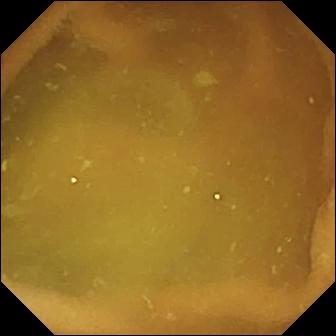Video capsule endoscopy frame, small bowel
Observation: normal clean mucosa